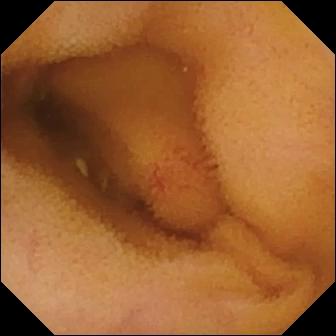Q: What does this VCE frame show?
A: Angiectasia.